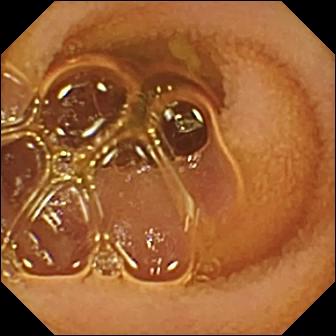This wireless capsule endoscopy snapshot shows normal clean mucosa.